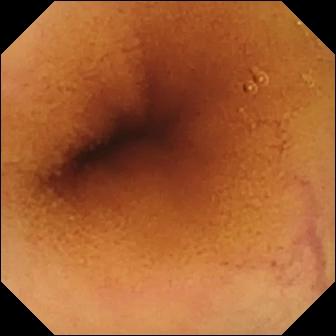WCE — normal clean mucosa.